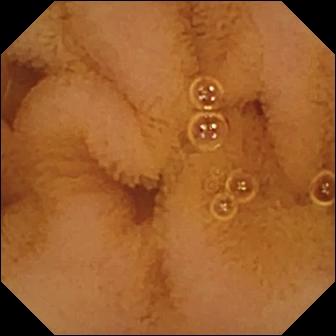Normal clean mucosa — wireless capsule endoscopy image.